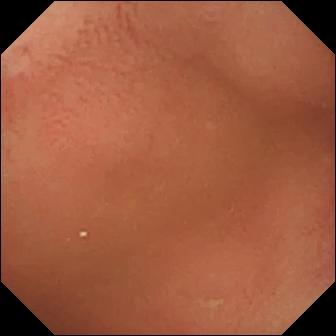VCE — pylorus region (where the capsule passes from the stomach into the small bowel).